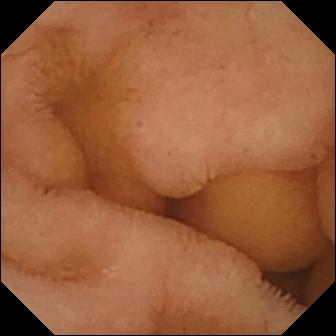modality: WCE
label: normal clean mucosa